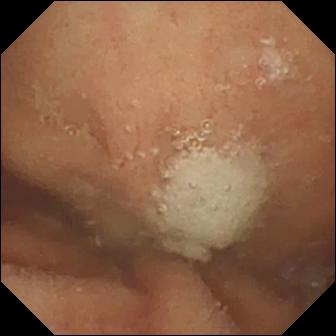modality: video capsule endoscopy
impression: normal clean mucosa